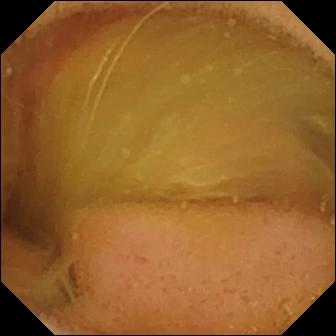Normal clean mucosa.